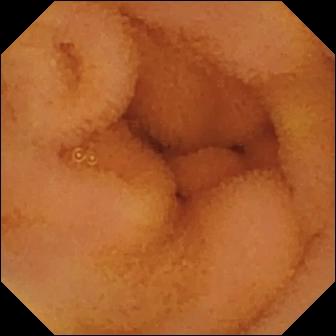VCE still
Finding: normal clean mucosa